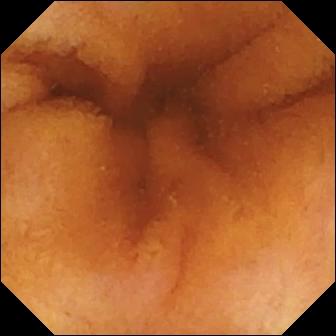This WCE still shows normal clean mucosa.